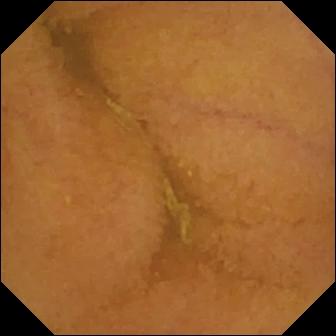This small-bowel capsule endoscopy view shows normal clean mucosa.